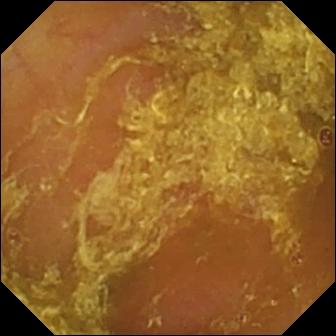This small-bowel capsule endoscopy snapshot of the small bowel shows reduced mucosal view (content or bubbles obscuring the mucosa).